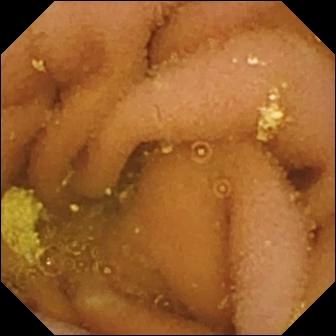- modality: VCE
- label: lymphangiectasia